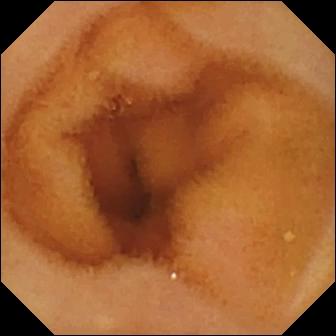Capsule endoscopy frame, small bowel
Label: normal clean mucosa